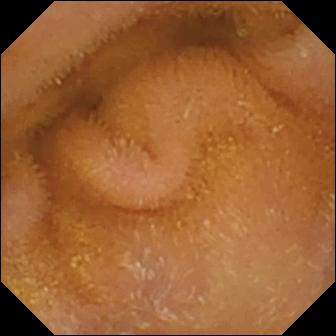Wireless capsule endoscopy — normal clean mucosa.